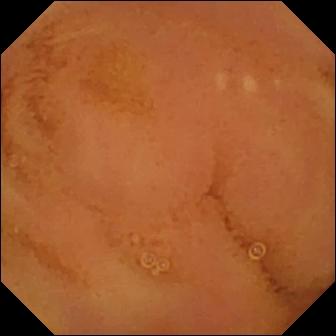Wireless capsule endoscopy. Small intestine. Impression: normal clean mucosa.